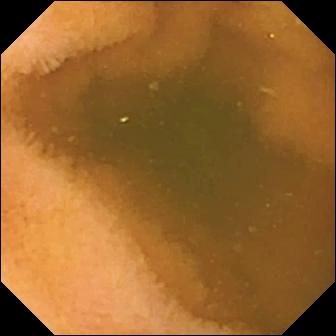Capsule endoscopy. Small intestine. Luminal finding. Observation: normal clean mucosa.